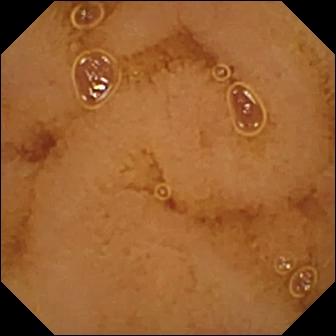modality: WCE; segment: small bowel; finding: normal clean mucosa